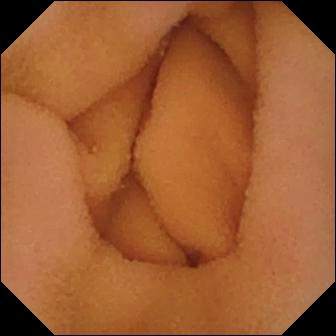Q: What does this WCE snapshot of the small intestine show?
A: Normal clean mucosa.